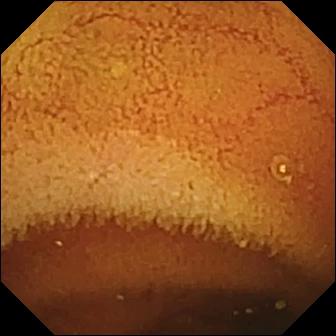VCE snapshot showing normal clean mucosa.